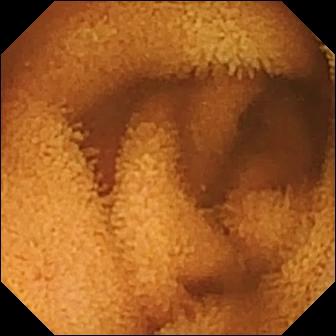Normal clean mucosa.